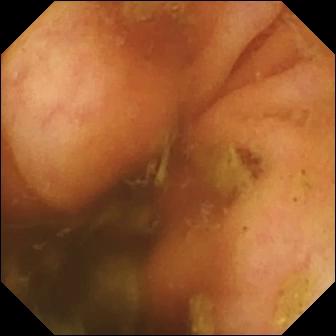modality: small-bowel capsule endoscopy | category: anatomical landmark | video segment: ileo-cecal valve region (where the capsule passes from the small bowel into the large bowel)